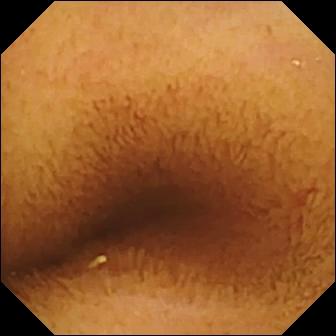Normal clean mucosa — VCE image.